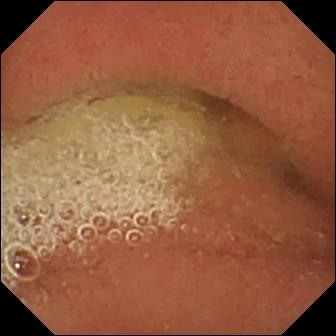WCE — pylorus region (the junction between the stomach and the small bowel).